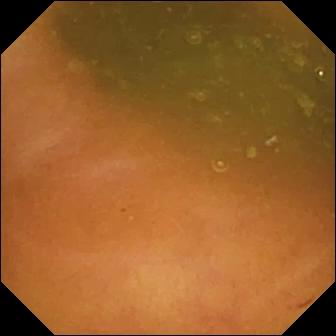VCE view
Position: ileo-cecal valve region